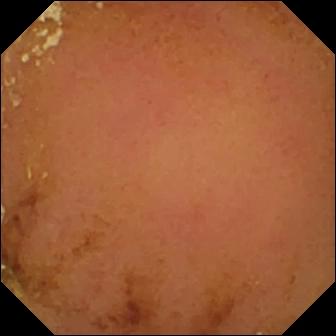PROCEDURE: Small-bowel capsule endoscopy.
FINDINGS: Normal clean mucosa.